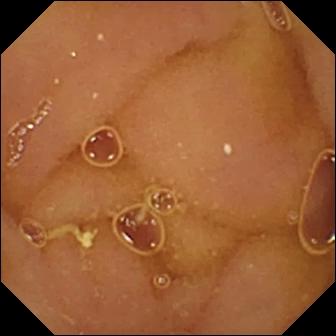WCE image, small bowel
Impression: normal clean mucosa